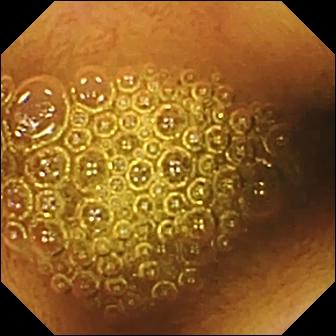modality: video capsule endoscopy; segment: small bowel; observation: reduced mucosal view (content or bubbles obscuring the mucosa)